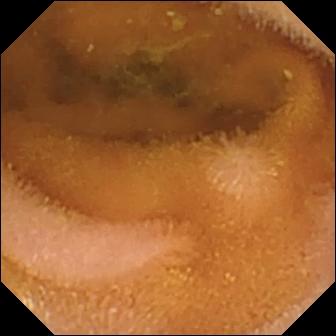Wireless capsule endoscopy. Small bowel. Luminal finding. Impression: normal clean mucosa.